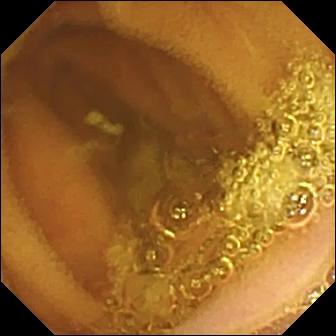PROCEDURE: VCE.
FINDINGS: Normal clean mucosa.